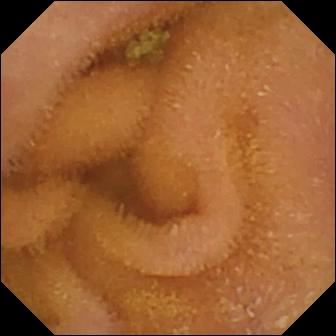Q: What does this WCE frame of the small bowel show?
A: Normal clean mucosa.